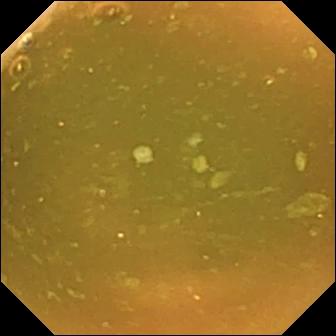Video capsule endoscopy frame. Normal clean mucosa.